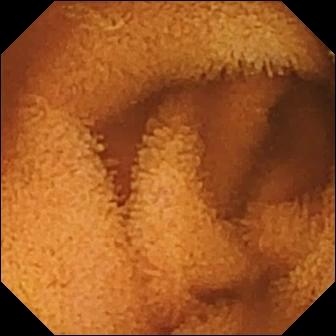PROCEDURE: WCE.
SEGMENT: Small intestine.
FINDINGS: Normal clean mucosa.